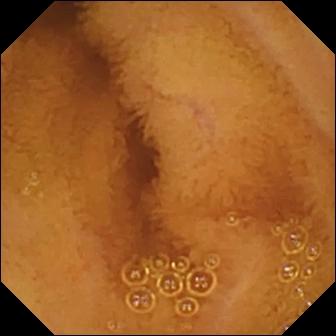Normal clean mucosa — video capsule endoscopy snapshot of the small bowel.